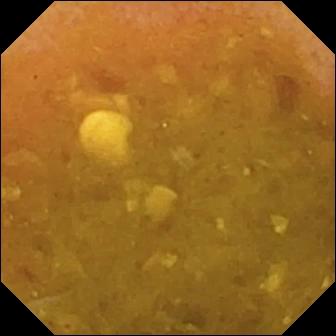{"modality": "VCE", "segment": "small intestine", "finding": "reduced mucosal view (content or bubbles obscuring the mucosa)"}